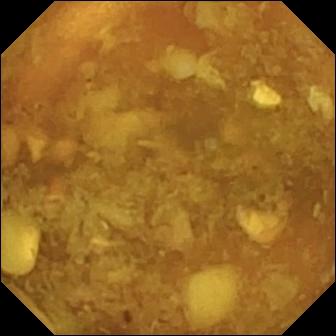VCE image (small intestine), 336×336. Reduced mucosal view (content or bubbles obscuring the mucosa).